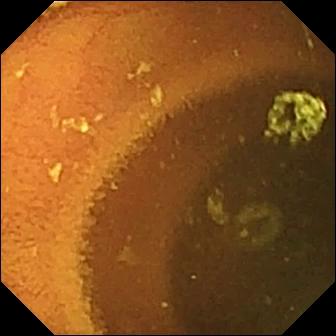Wireless capsule endoscopy snapshot showing normal clean mucosa.